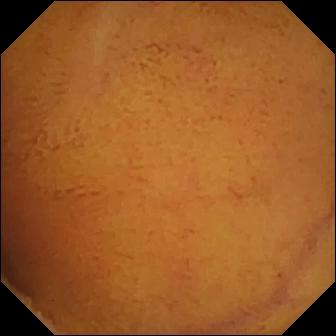Capsule endoscopy still, small bowel
Observation: normal clean mucosa